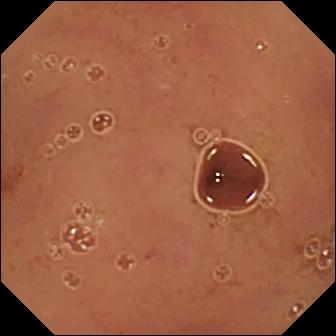Normal clean mucosa (336×336).